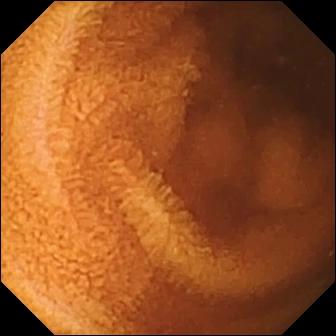Wireless capsule endoscopy still (small intestine). Normal clean mucosa.